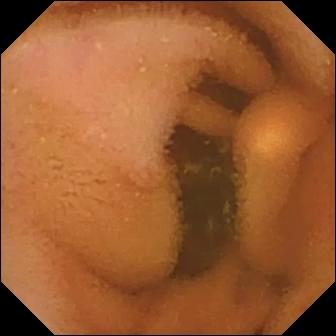This wireless capsule endoscopy image of the small intestine shows normal clean mucosa.